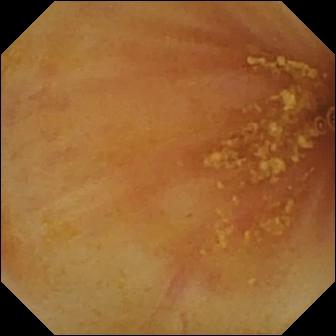- modality: WCE
- video segment: ileo-cecal valve region